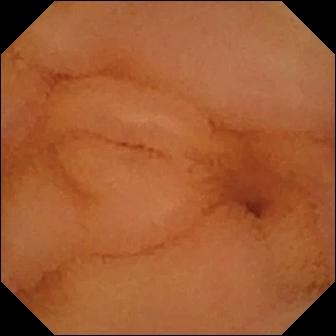This video capsule endoscopy frame shows normal clean mucosa.